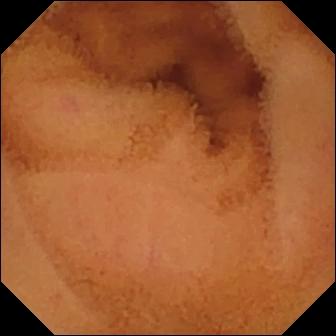Normal clean mucosa — capsule endoscopy still.